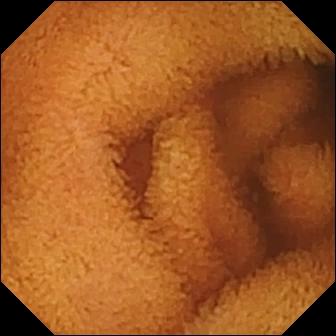PROCEDURE: Wireless capsule endoscopy.
SEGMENT: Small intestine.
FINDINGS: Normal clean mucosa.